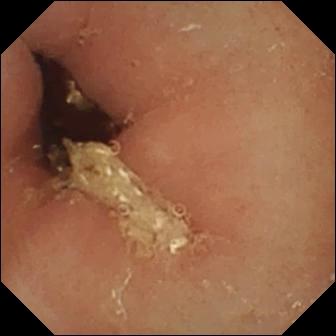Capsule endoscopy frame
Location: pylorus region (the junction between the stomach and the small bowel)